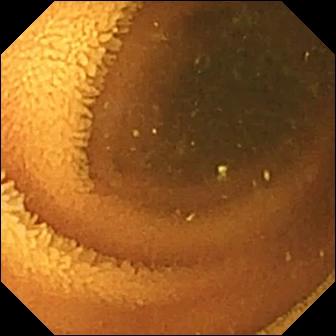Normal clean mucosa — video capsule endoscopy frame of the small bowel.